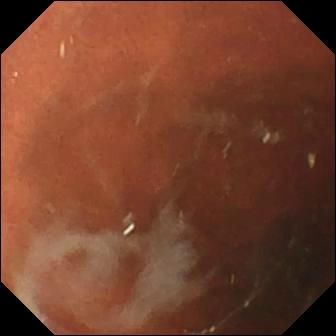Q: Where in the digestive tract was this VCE still taken?
A: Pylorus region (the junction between the stomach and the small bowel).